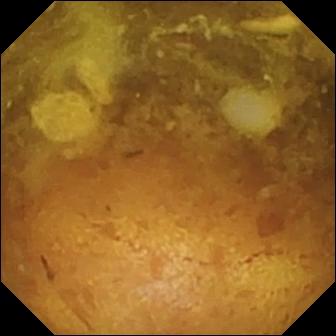This VCE view shows reduced mucosal view (content or bubbles obscuring the mucosa).